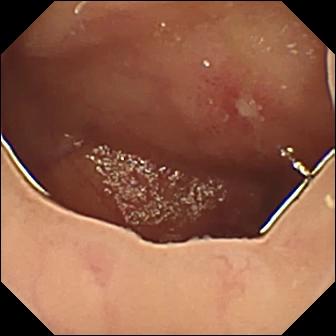PROCEDURE: Small-bowel capsule endoscopy.
FINDINGS: Ulcer.